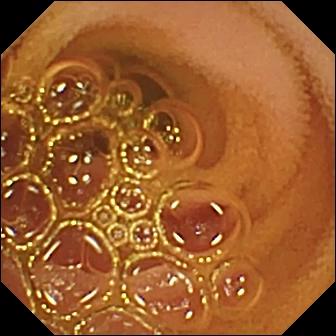Normal clean mucosa.